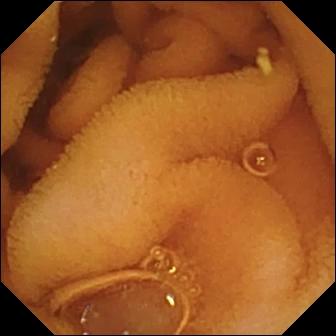This wireless capsule endoscopy image shows normal clean mucosa.